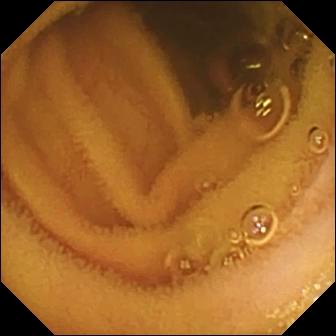modality: wireless capsule endoscopy | label: normal clean mucosa